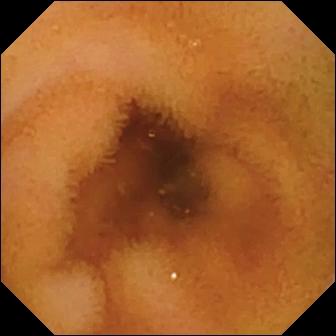VCE view. Normal clean mucosa.